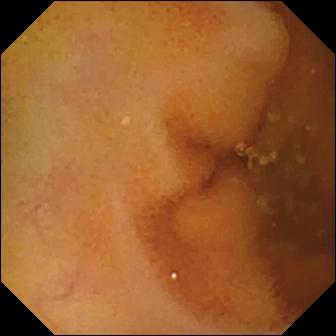WCE image of the small bowel showing normal clean mucosa.